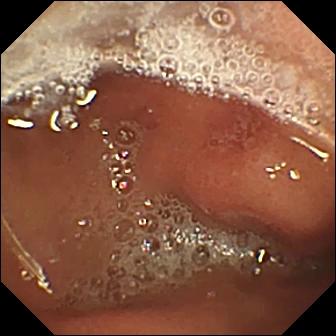This VCE snapshot shows erosion.